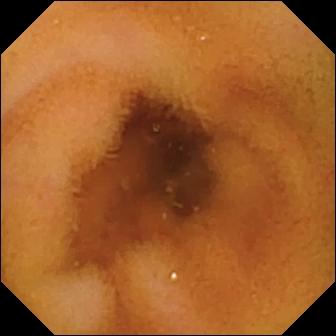modality: WCE; segment: small intestine; label: normal clean mucosa